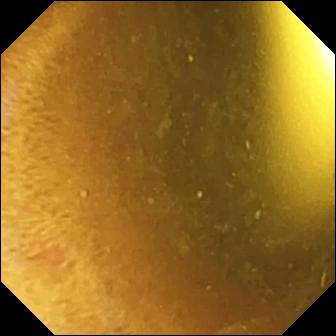- modality: small-bowel capsule endoscopy
- category: luminal finding
- label: foreign body (e.g. retained capsule, tablet residue)